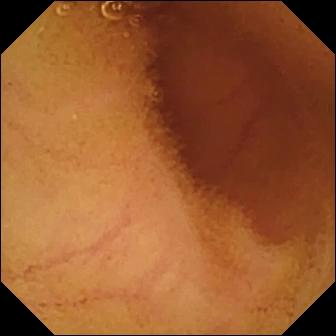VCE image of the small intestine showing normal clean mucosa.